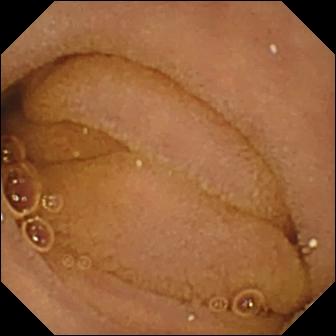Capsule endoscopy still showing normal clean mucosa.